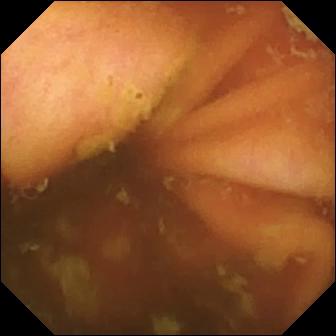Capsule endoscopy snapshot
Label: ileo-cecal valve region (where the capsule passes from the small bowel into the large bowel)